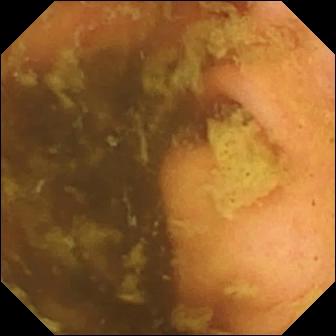This capsule endoscopy still was taken in the ileo-cecal valve region (where the capsule passes from the small bowel into the large bowel).